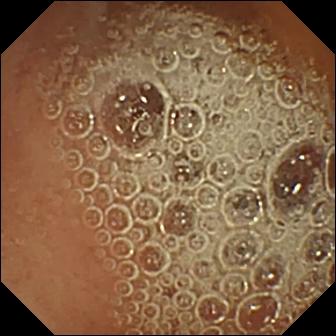WCE frame. Normal clean mucosa.